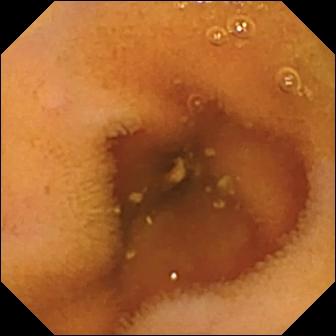Small-bowel capsule endoscopy. Finding: normal clean mucosa.